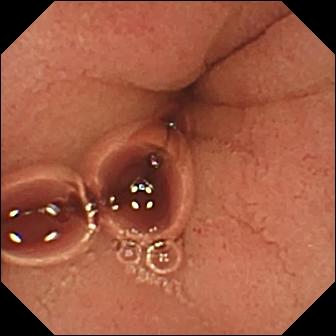Capsule endoscopy. Position: pylorus region.